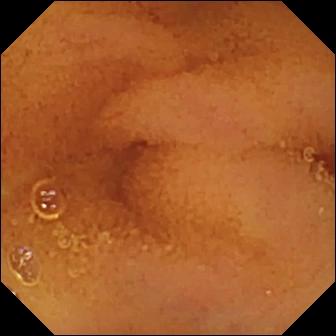Wireless capsule endoscopy frame showing normal clean mucosa.